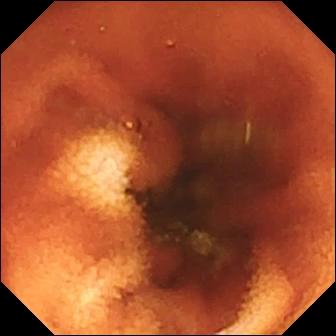This small-bowel capsule endoscopy image was taken in the ileo-cecal valve region (the transition from the small bowel to the large bowel).